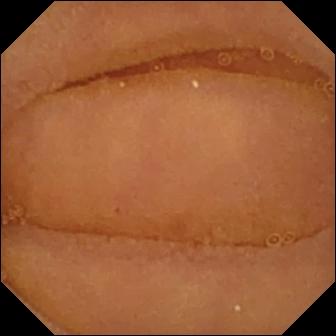Normal clean mucosa — WCE image.